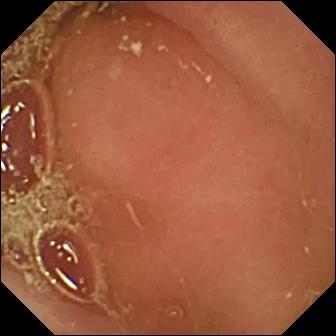Q: Where in the digestive tract was this WCE snapshot taken?
A: Pylorus region.